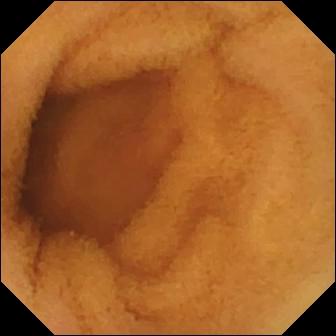Capsule endoscopy — normal clean mucosa.